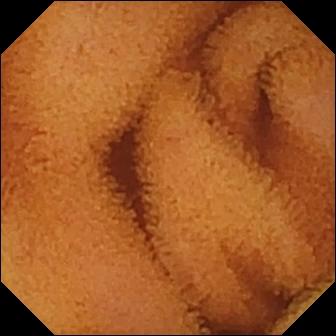Small-bowel capsule endoscopy. Small intestine. Luminal finding. Finding: normal clean mucosa.